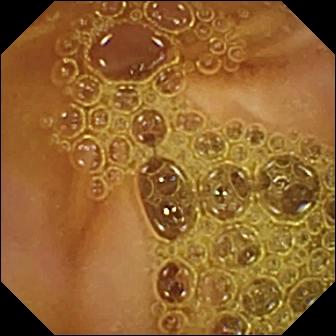Normal clean mucosa — WCE image of the small bowel.